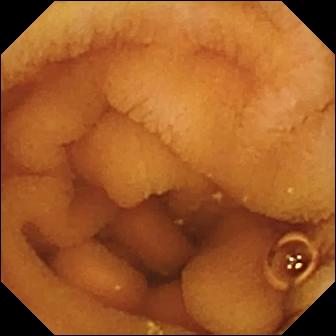Normal clean mucosa — small-bowel capsule endoscopy frame of the small intestine.